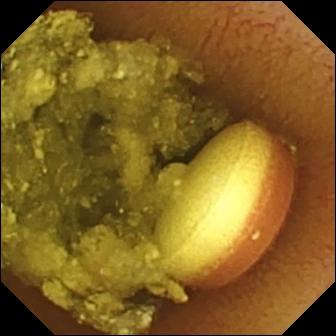modality: capsule endoscopy; label: foreign body (e.g. retained capsule, tablet residue)